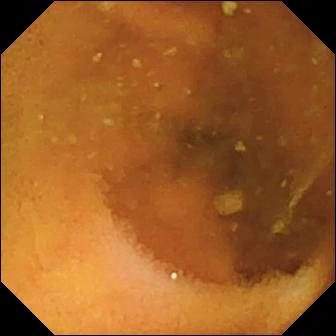{"modality": "small-bowel capsule endoscopy", "category": "luminal finding", "finding": "normal clean mucosa"}